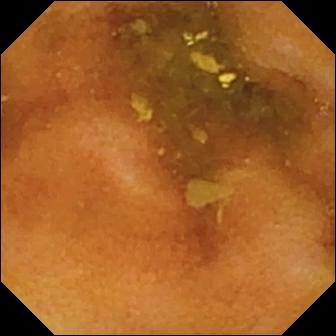modality: small-bowel capsule endoscopy | observation: normal clean mucosa